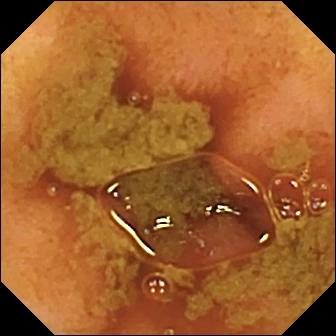VCE view taken in the ileo-cecal valve region (where the capsule passes from the small bowel into the large bowel).